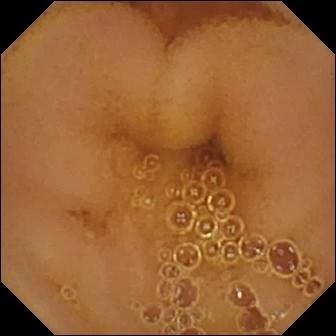Wireless capsule endoscopy snapshot, small intestine
Label: normal clean mucosa